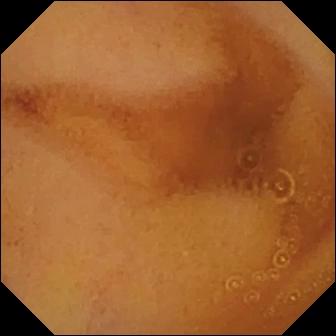{"modality": "video capsule endoscopy", "segment": "small bowel", "finding": "normal clean mucosa"}